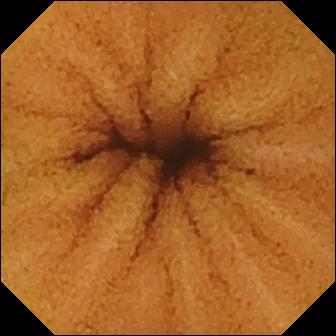Video capsule endoscopy frame (small bowel). Normal clean mucosa.